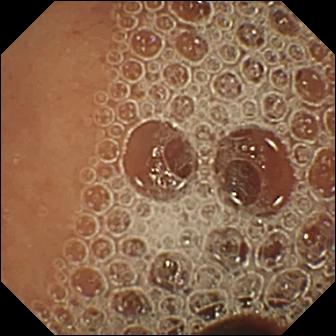Capsule endoscopy — normal clean mucosa.